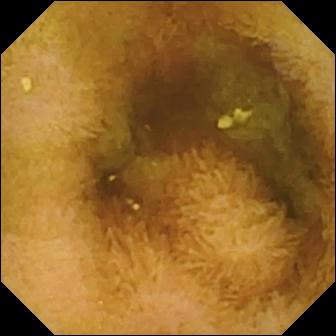Normal clean mucosa (336×336).